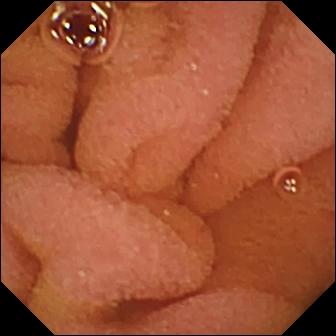{"modality": "wireless capsule endoscopy", "segment": "small intestine", "finding": "normal clean mucosa"}